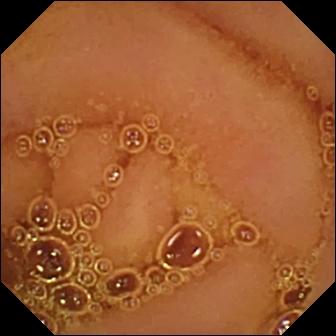modality: small-bowel capsule endoscopy
impression: normal clean mucosa